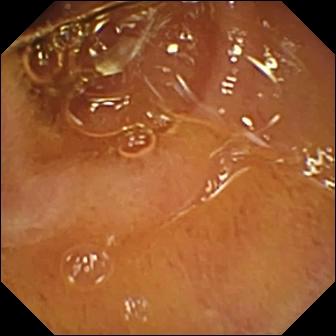Q: What does this capsule endoscopy image of the small intestine show?
A: Normal clean mucosa.